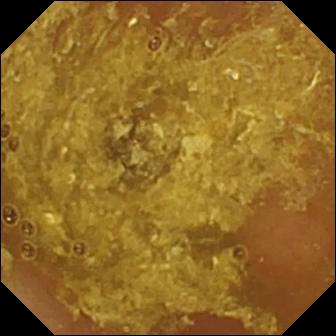Small-bowel capsule endoscopy still. Reduced mucosal view (content or bubbles obscuring the mucosa).